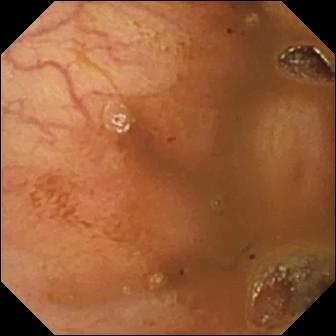VCE frame
Location: ileo-cecal valve region